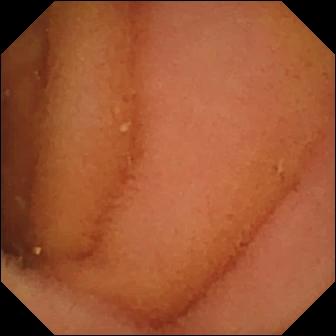VCE — normal clean mucosa.